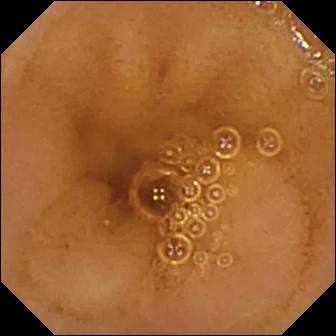VCE — normal clean mucosa.